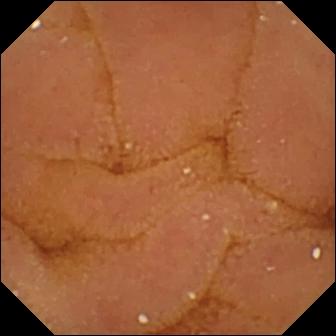Small-bowel capsule endoscopy. Finding: normal clean mucosa.